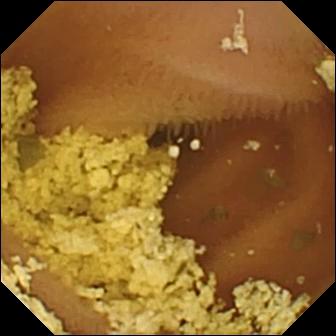- modality: small-bowel capsule endoscopy
- segment: small bowel
- impression: normal clean mucosa